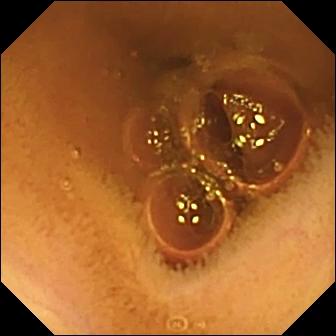Q: What does this video capsule endoscopy still show?
A: Normal clean mucosa.